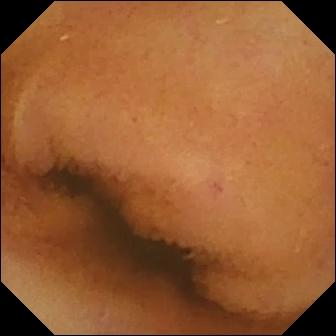Wireless capsule endoscopy frame. Normal clean mucosa.